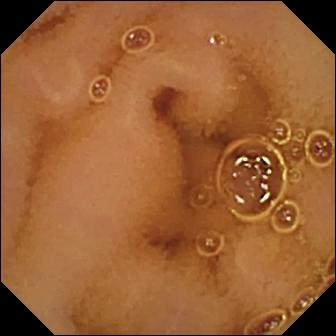Q: What does this WCE view show?
A: Normal clean mucosa.